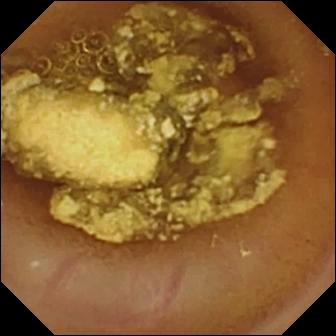Foreign body (e.g. retained capsule, tablet residue).